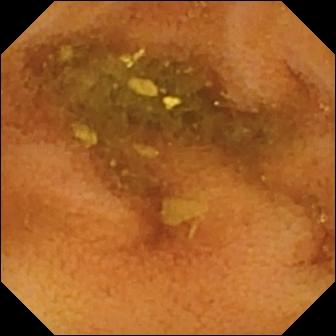Normal clean mucosa (336×336).